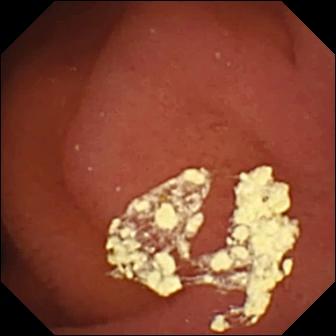Wireless capsule endoscopy image
Video segment: pylorus region (where the capsule passes from the stomach into the small bowel)